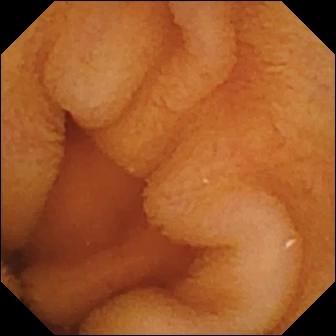modality: capsule endoscopy; segment: small intestine; impression: normal clean mucosa